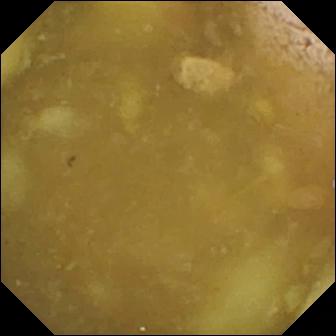Wireless capsule endoscopy — ileo-cecal valve region (where the capsule passes from the small bowel into the large bowel).